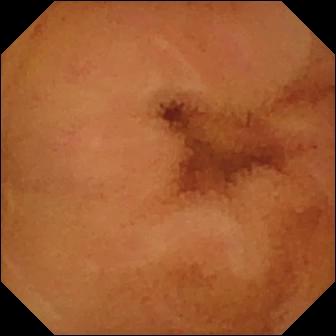VCE view, small intestine
Label: normal clean mucosa